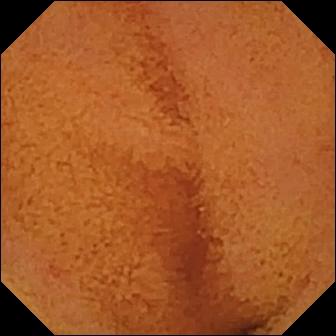Q: What does this VCE still show?
A: Normal clean mucosa.